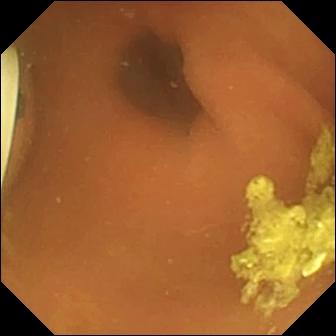- modality: VCE
- observation: foreign body (e.g. retained capsule, tablet residue)